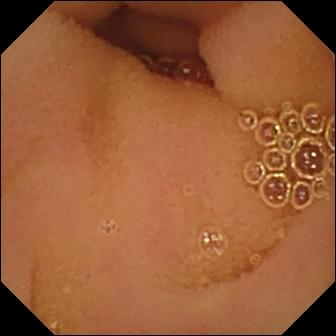PROCEDURE: VCE.
SEGMENT: Small intestine.
FINDINGS: Normal clean mucosa.